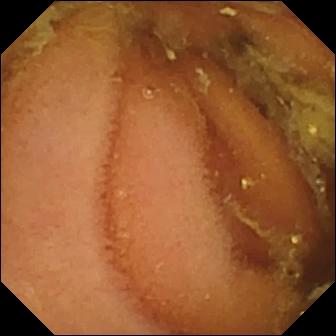This small-bowel capsule endoscopy snapshot shows normal clean mucosa.